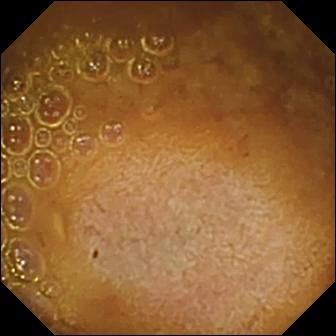Small-bowel capsule endoscopy. Small intestine. Finding: reduced mucosal view (content or bubbles obscuring the mucosa).